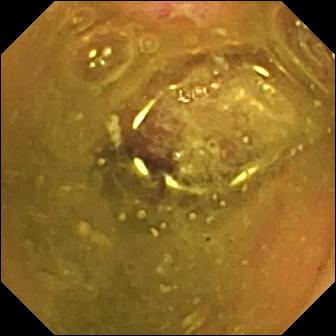Small-bowel capsule endoscopy. Luminal finding. Impression: erosion.